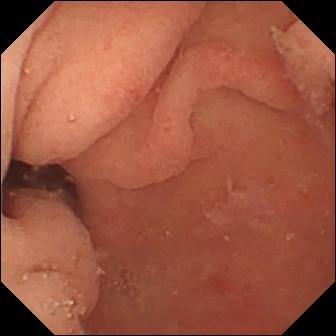This capsule endoscopy view was taken in the pylorus region (the junction between the stomach and the small bowel).